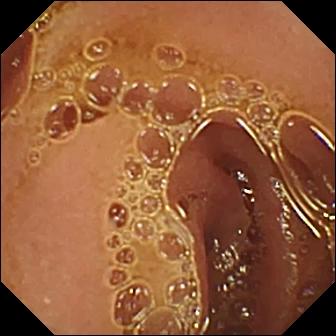Q: What does this wireless capsule endoscopy image of the small intestine show?
A: Normal clean mucosa.